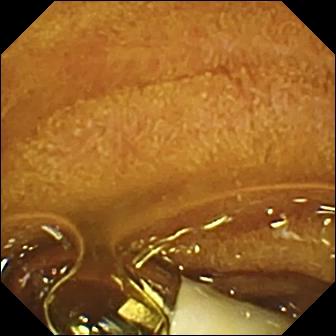Foreign body (e.g. retained capsule, tablet residue).